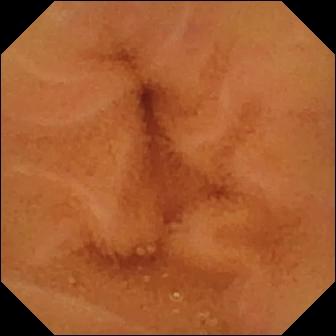Normal clean mucosa — capsule endoscopy snapshot.